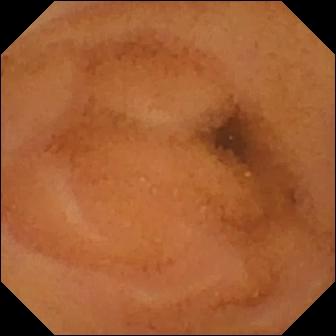Normal clean mucosa — capsule endoscopy frame of the small intestine.